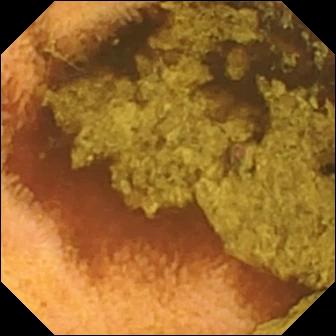VCE view (small intestine). Normal clean mucosa.